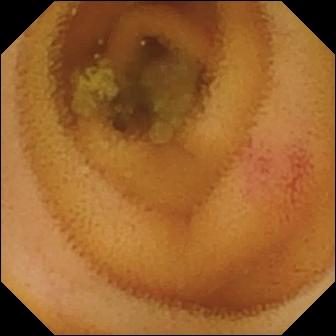Angiectasia.